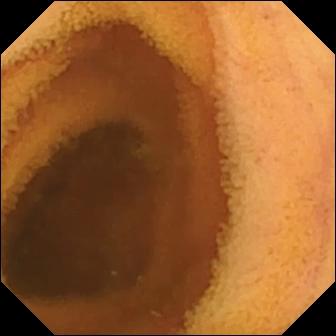Normal clean mucosa — WCE snapshot.